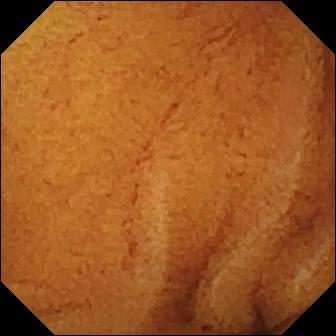VCE — normal clean mucosa.